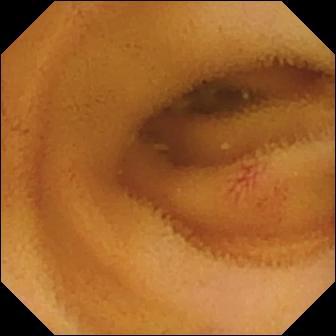Wireless capsule endoscopy still showing angiectasia.